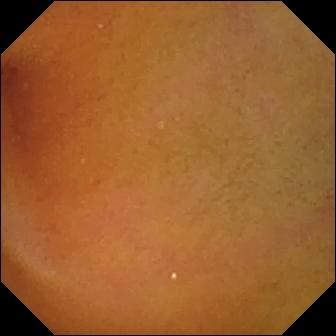WCE still, small intestine
Impression: normal clean mucosa